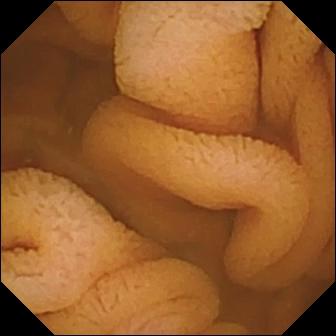Capsule endoscopy. Luminal finding. Label: normal clean mucosa.